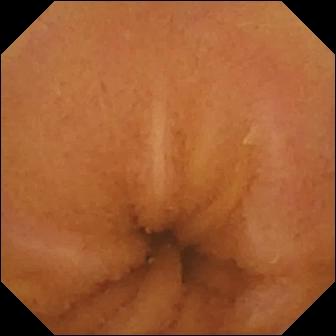Wireless capsule endoscopy still. Normal clean mucosa.